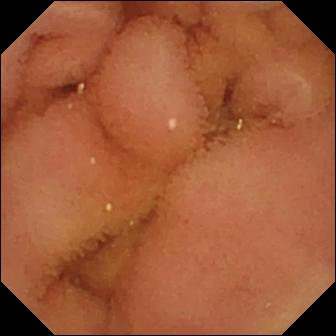Video capsule endoscopy snapshot showing normal clean mucosa.